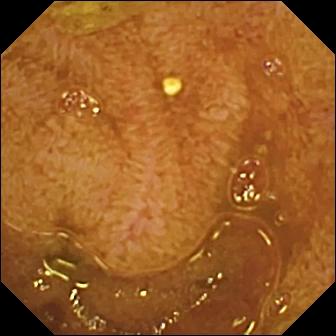{"modality": "video capsule endoscopy", "category": "anatomical landmark", "location": "ileo-cecal valve region (the transition from the small bowel to the large bowel)"}